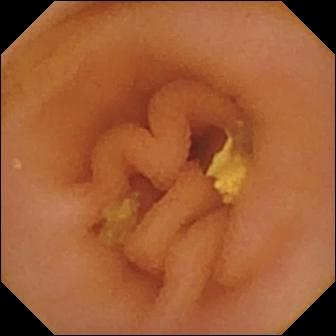{"modality": "capsule endoscopy", "finding": "lymphangiectasia"}